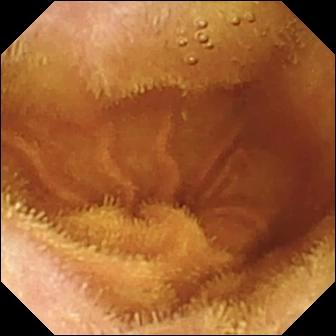Q: What does this capsule endoscopy image show?
A: Normal clean mucosa.